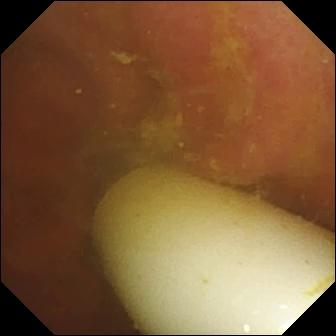This wireless capsule endoscopy frame shows foreign body (e.g. retained capsule, tablet residue).